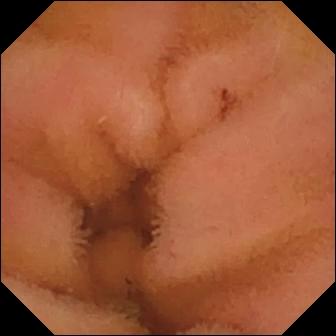modality: video capsule endoscopy | segment: small bowel | finding: normal clean mucosa